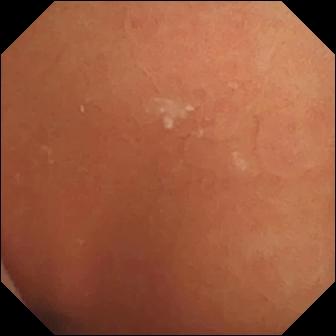Normal clean mucosa.